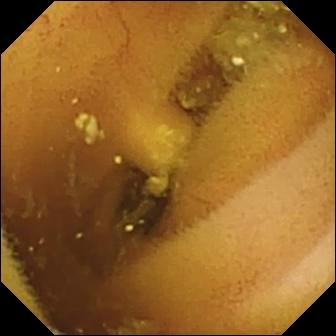PROCEDURE: Video capsule endoscopy.
FINDINGS: Lymphangiectasia.